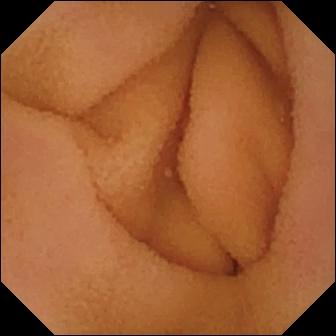Small-bowel capsule endoscopy snapshot. Normal clean mucosa.